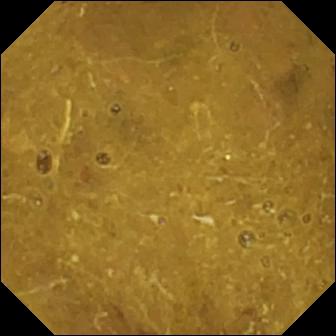- modality: small-bowel capsule endoscopy
- position: ileo-cecal valve region